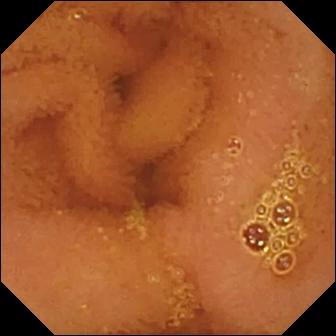Video capsule endoscopy — normal clean mucosa.